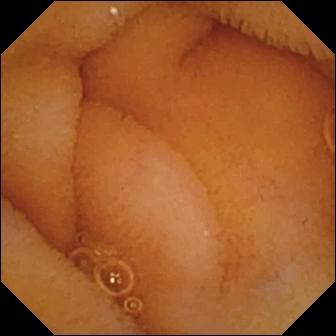PROCEDURE: Wireless capsule endoscopy.
SEGMENT: Small bowel.
FINDINGS: Normal clean mucosa.